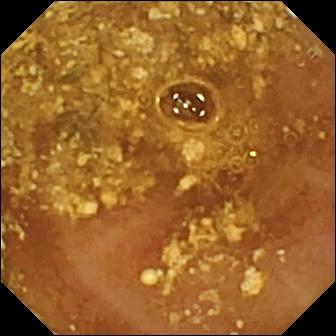Capsule endoscopy. Small intestine. Observation: reduced mucosal view (content or bubbles obscuring the mucosa).